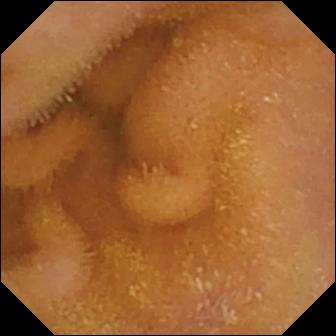Video capsule endoscopy view, 336×336. Normal clean mucosa.